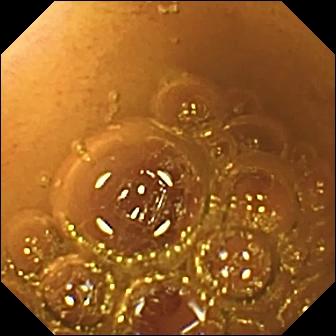This wireless capsule endoscopy frame shows normal clean mucosa.